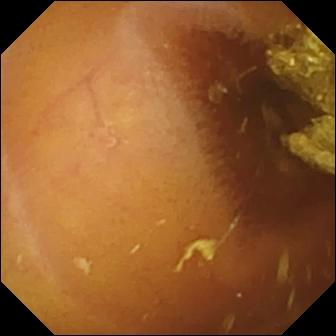Small-bowel capsule endoscopy snapshot, small intestine
Label: normal clean mucosa